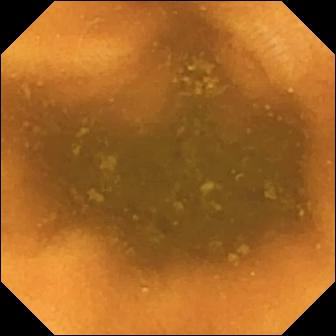Normal clean mucosa (336×336).